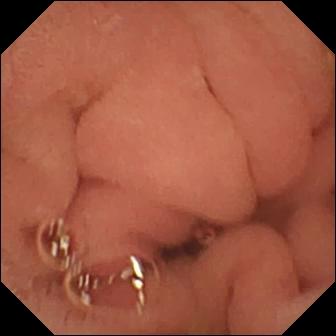{"modality": "small-bowel capsule endoscopy", "category": "anatomical landmark", "location": "pylorus region (where the capsule passes from the stomach into the small bowel)"}